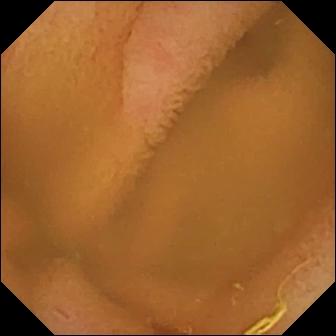Wireless capsule endoscopy. Luminal finding. Observation: normal clean mucosa.